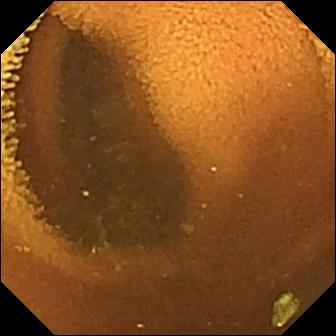Wireless capsule endoscopy still of the small intestine showing normal clean mucosa.